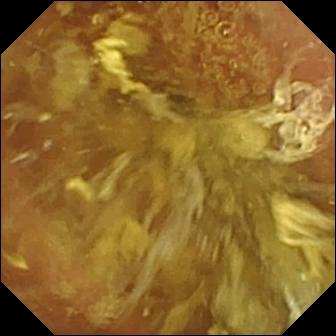Normal clean mucosa — wireless capsule endoscopy view of the small intestine.